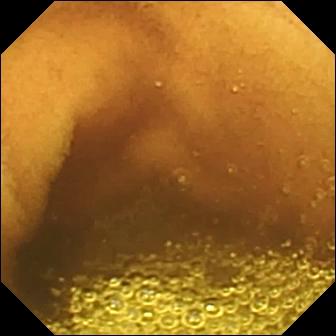Capsule endoscopy frame, small bowel
Label: normal clean mucosa